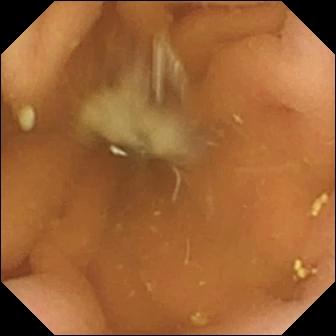Pylorus region — small-bowel capsule endoscopy still.